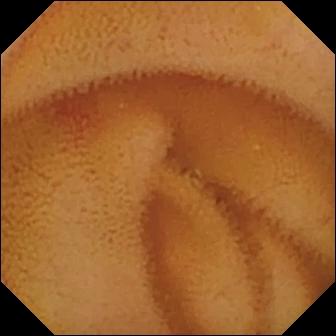Video capsule endoscopy. Luminal finding. Label: angiectasia.